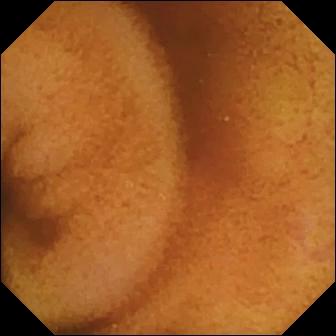Normal clean mucosa.